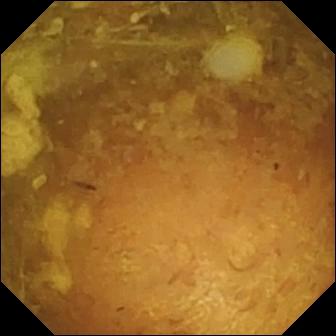Reduced mucosal view (content or bubbles obscuring the mucosa) (336×336).